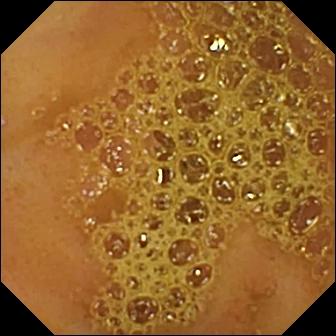modality: wireless capsule endoscopy
category: anatomical landmark
label: ileo-cecal valve region